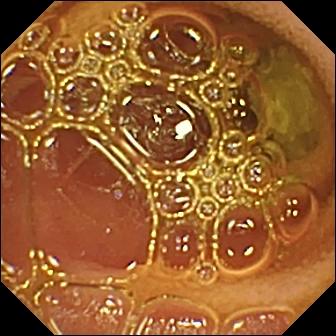WCE image of the small bowel showing normal clean mucosa.